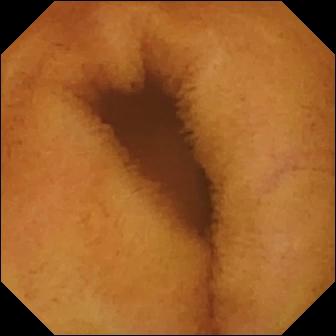- modality: wireless capsule endoscopy
- segment: small intestine
- category: luminal finding
- finding: normal clean mucosa